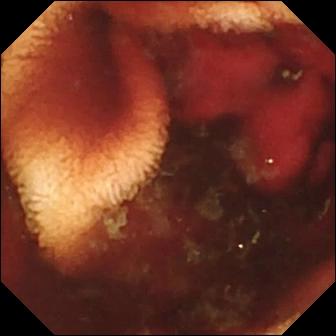Small-bowel capsule endoscopy frame. Fresh blood in the lumen.